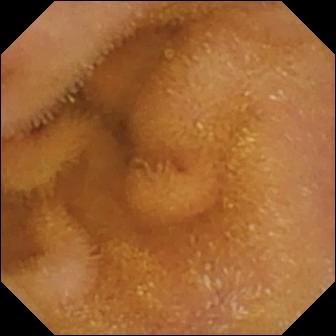Capsule endoscopy still of the small intestine showing normal clean mucosa.